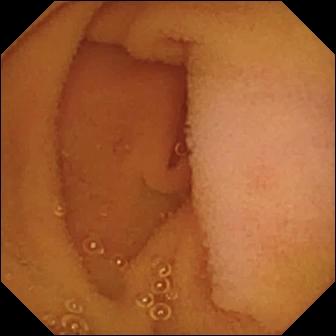Small-bowel capsule endoscopy still, small intestine
Observation: normal clean mucosa